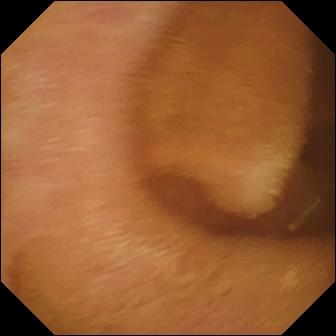- modality: small-bowel capsule endoscopy
- segment: small bowel
- observation: normal clean mucosa